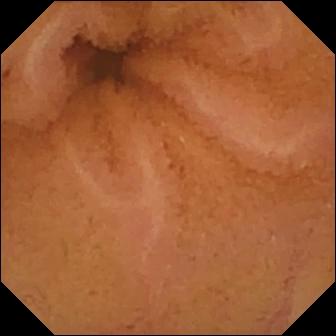Small-bowel capsule endoscopy snapshot, small intestine
Label: normal clean mucosa